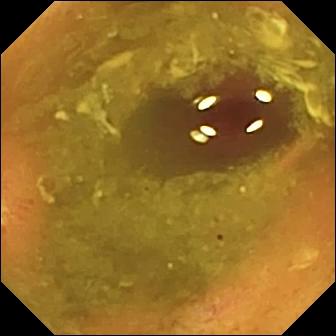Wireless capsule endoscopy view. Ulcer.